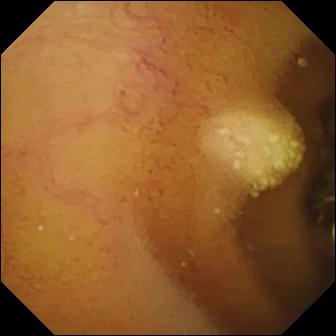modality: small-bowel capsule endoscopy | category: luminal finding | impression: lymphangiectasia